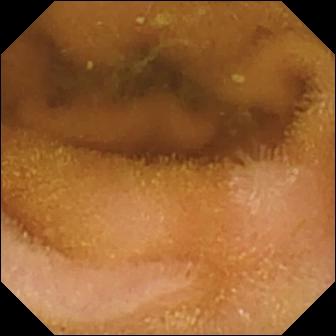Video capsule endoscopy snapshot (small bowel). Normal clean mucosa.